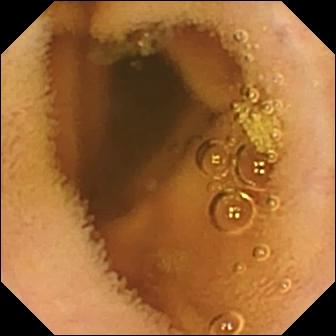Normal clean mucosa.